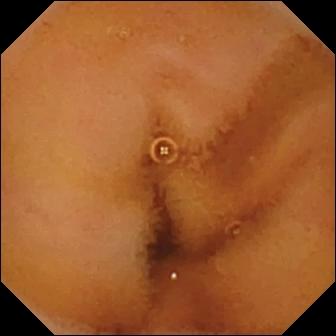{"modality": "video capsule endoscopy", "segment": "small intestine", "finding": "normal clean mucosa"}